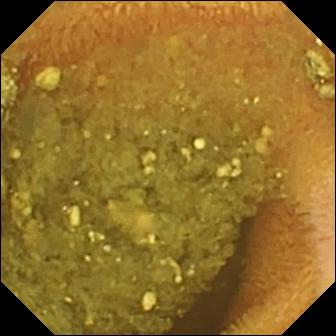WCE still (small intestine), 336×336. Reduced mucosal view (content or bubbles obscuring the mucosa).